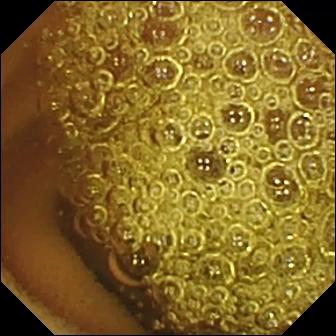Wireless capsule endoscopy frame
Impression: normal clean mucosa